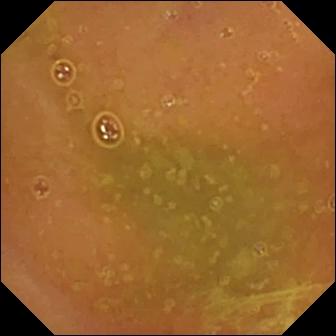This WCE view of the small intestine shows normal clean mucosa.